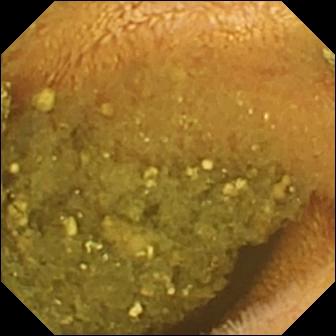Wireless capsule endoscopy. Observation: reduced mucosal view (content or bubbles obscuring the mucosa).